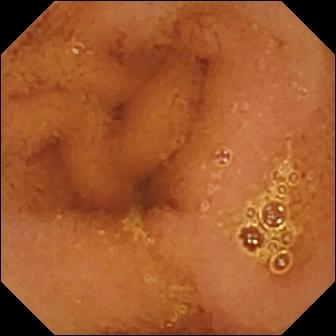Normal clean mucosa — wireless capsule endoscopy image of the small bowel.